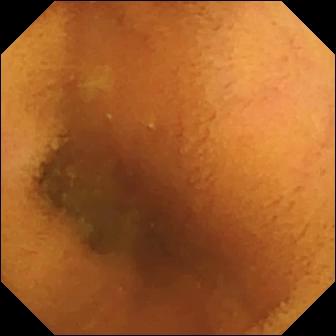This small-bowel capsule endoscopy still of the small bowel shows normal clean mucosa.